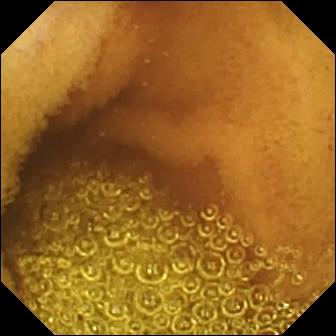Video capsule endoscopy still, small bowel
Observation: normal clean mucosa